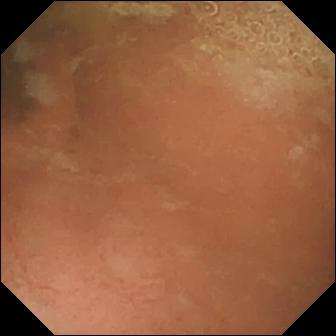This small-bowel capsule endoscopy frame of the small intestine shows normal clean mucosa.